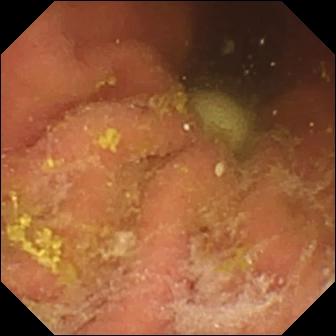PROCEDURE: Capsule endoscopy.
FINDINGS: Foreign body (e.g. retained capsule, tablet residue).